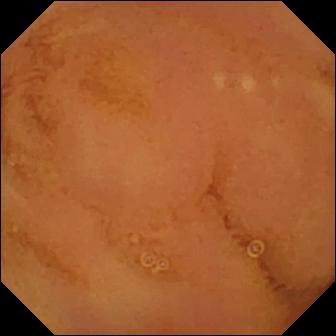Normal clean mucosa.